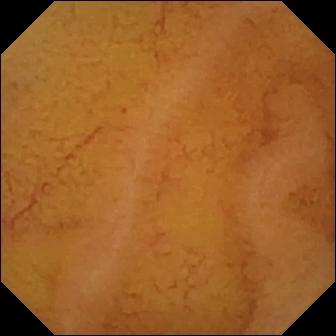Normal clean mucosa — capsule endoscopy still of the small intestine.